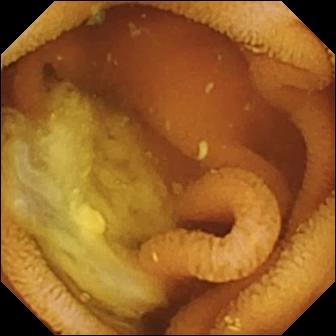modality: VCE; segment: small bowel; label: normal clean mucosa